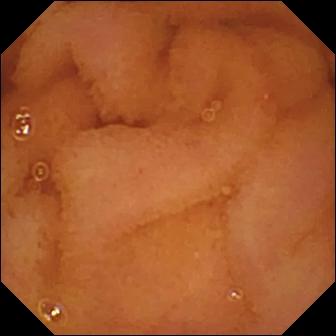Normal clean mucosa — wireless capsule endoscopy view of the small intestine.